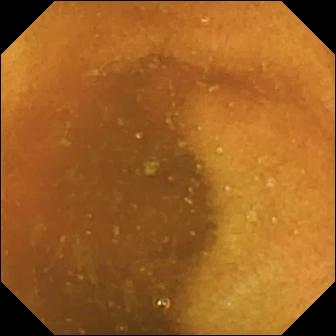This WCE still shows normal clean mucosa.